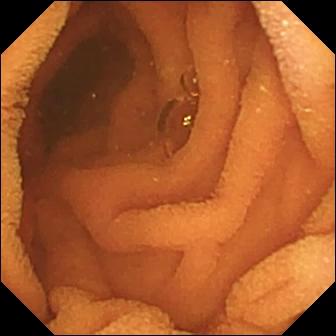VCE view, small intestine
Label: normal clean mucosa